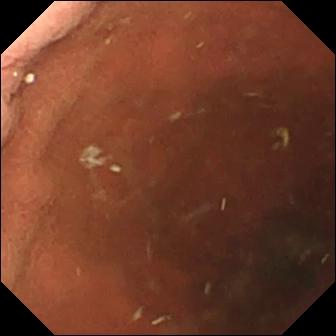{"modality": "wireless capsule endoscopy", "position": "pylorus region"}